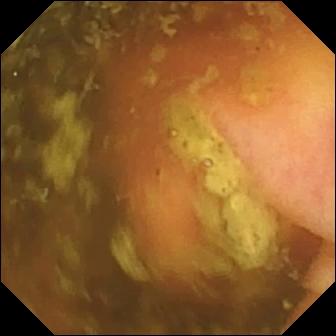Video capsule endoscopy view taken in the ileo-cecal valve region (the transition from the small bowel to the large bowel).